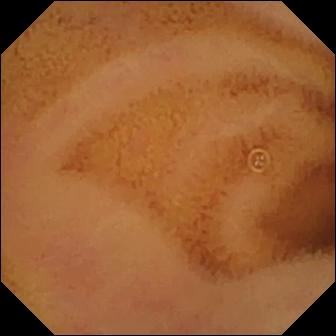Small-bowel capsule endoscopy. Small bowel. Observation: normal clean mucosa.